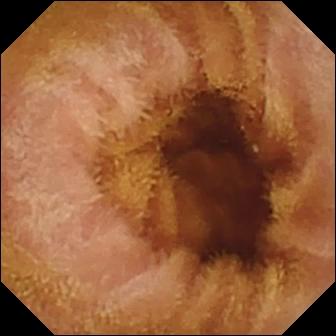Normal clean mucosa — capsule endoscopy image of the small bowel.